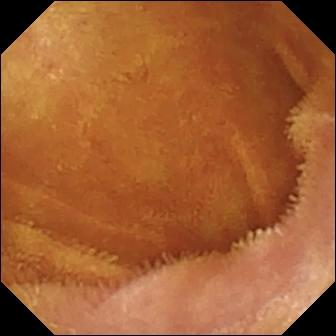Normal clean mucosa — VCE snapshot of the small intestine.